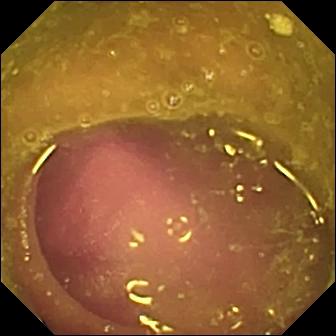{"modality": "VCE", "segment": "small bowel", "finding": "reduced mucosal view (content or bubbles obscuring the mucosa)"}